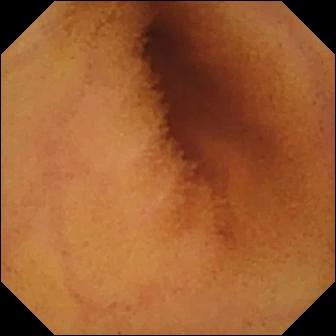Capsule endoscopy still showing normal clean mucosa.